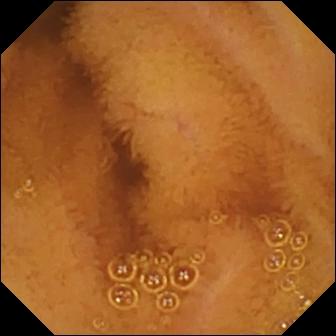PROCEDURE: VCE.
SEGMENT: Small intestine.
FINDINGS: Normal clean mucosa.